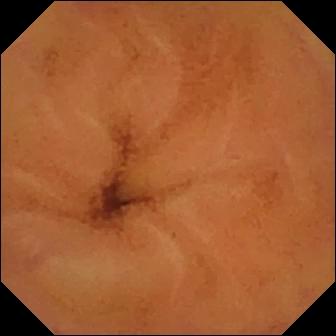Normal clean mucosa.